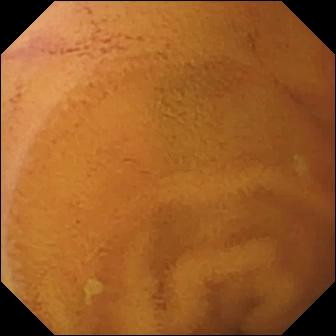PROCEDURE: WCE.
FINDINGS: Normal clean mucosa.